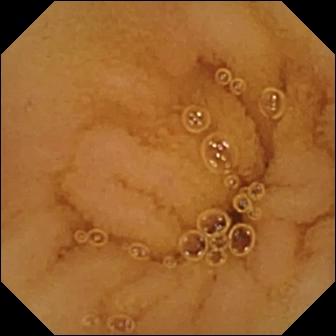VCE still showing normal clean mucosa.